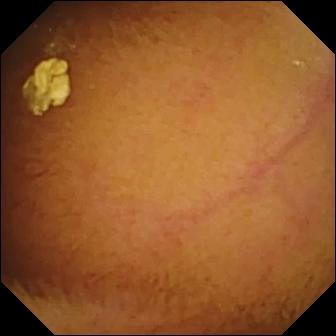VCE image showing normal clean mucosa.